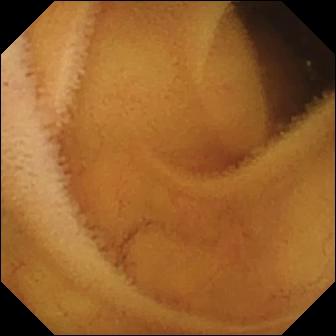{"modality": "capsule endoscopy", "segment": "small intestine", "category": "luminal finding", "finding": "normal clean mucosa"}